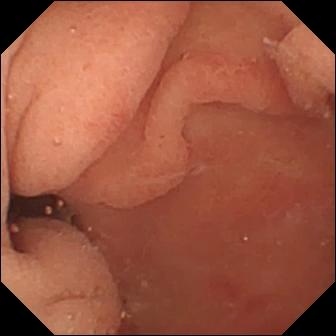WCE image taken in the pylorus region (where the capsule passes from the stomach into the small bowel).